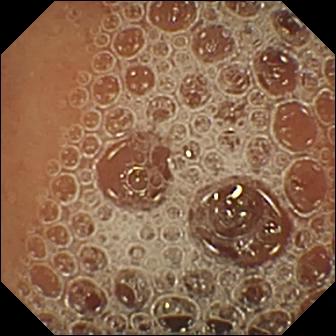PROCEDURE: WCE.
FINDINGS: Normal clean mucosa.